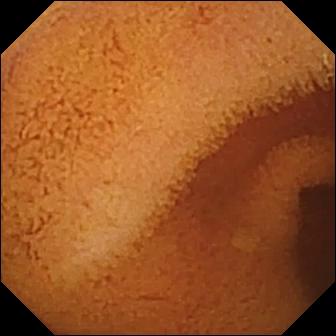This WCE view shows normal clean mucosa.